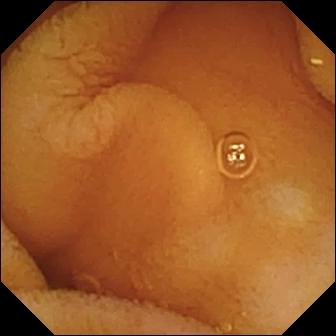{"modality": "WCE", "finding": "normal clean mucosa"}